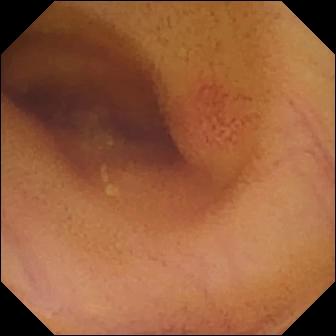Wireless capsule endoscopy view. Angiectasia.